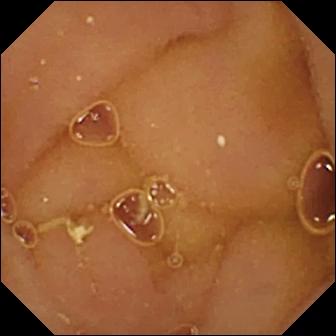Small-bowel capsule endoscopy. Small intestine. Impression: normal clean mucosa.